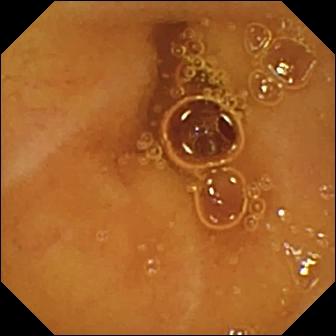VCE image showing normal clean mucosa.